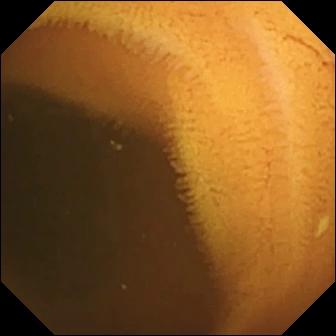Q: What does this VCE frame of the small bowel show?
A: Normal clean mucosa.